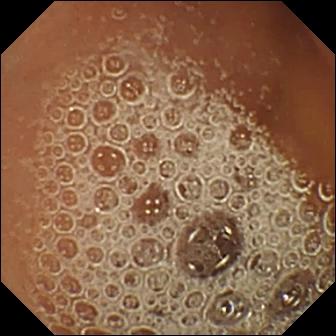Q: What does this small-bowel capsule endoscopy frame show?
A: Normal clean mucosa.